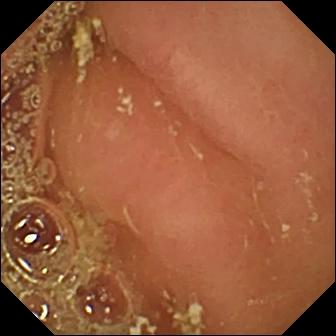Small-bowel capsule endoscopy. Near an anatomical landmark. Location: pylorus region.